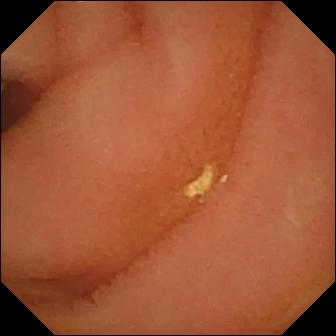- modality: small-bowel capsule endoscopy
- observation: normal clean mucosa